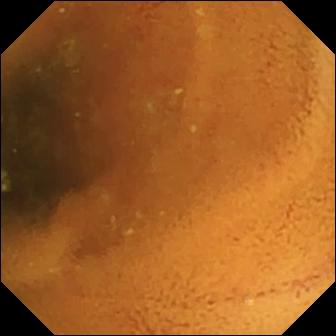Capsule endoscopy frame (small intestine). Normal clean mucosa.